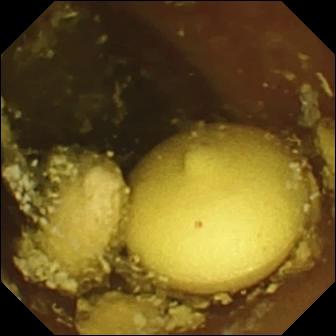Foreign body (e.g. retained capsule, tablet residue) — VCE snapshot.